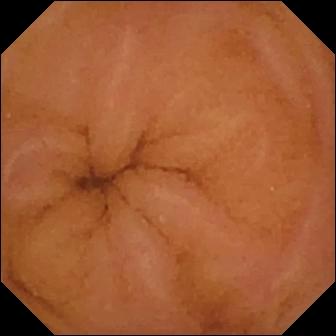This WCE frame of the small intestine shows normal clean mucosa.